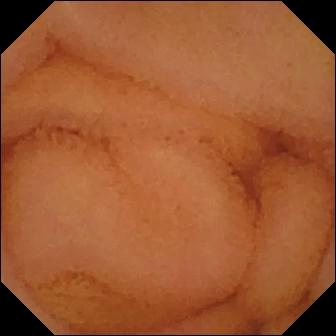WCE snapshot (small bowel), 336×336. Normal clean mucosa.